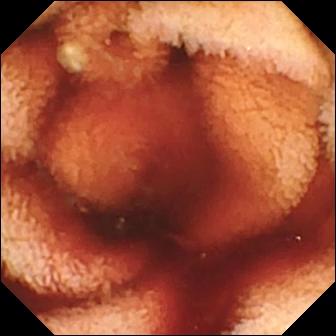{"modality": "WCE", "finding": "fresh blood in the lumen"}